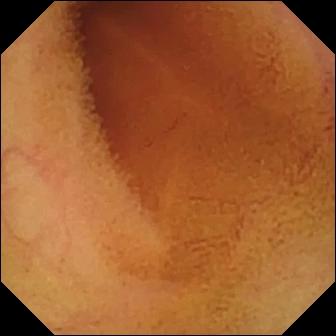modality: video capsule endoscopy | finding: normal clean mucosa